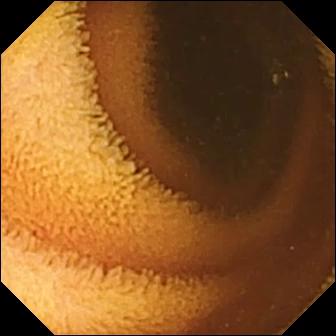Wireless capsule endoscopy — normal clean mucosa.